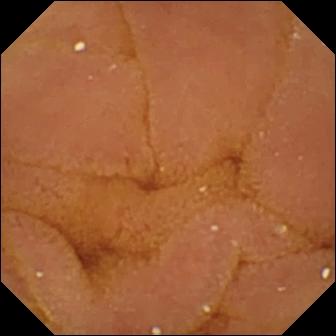PROCEDURE: Capsule endoscopy.
FINDINGS: Normal clean mucosa.